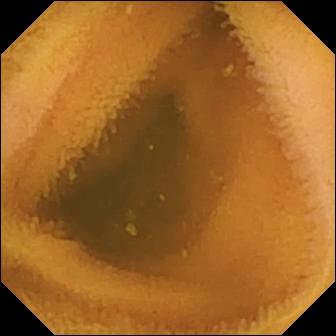Normal clean mucosa — video capsule endoscopy frame of the small intestine.